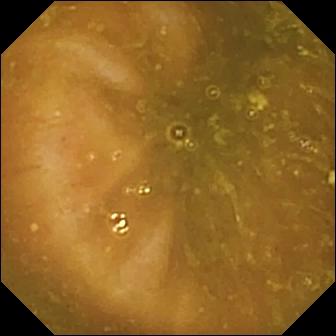Q: What does this WCE frame of the small bowel show?
A: Reduced mucosal view (content or bubbles obscuring the mucosa).